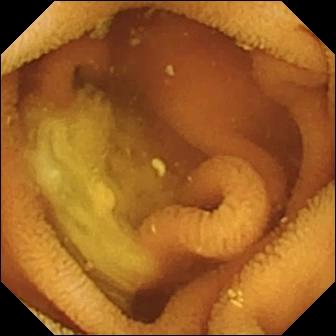Capsule endoscopy still
Label: normal clean mucosa